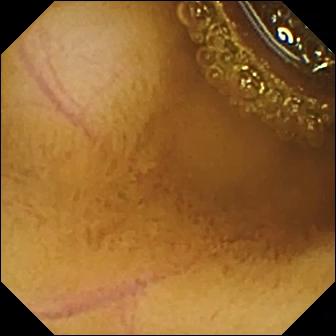Normal clean mucosa — WCE view.